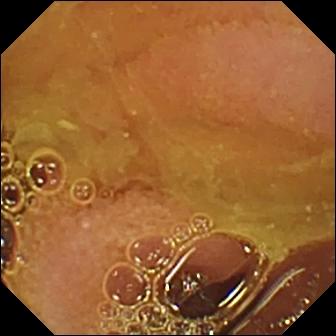VCE snapshot showing normal clean mucosa.